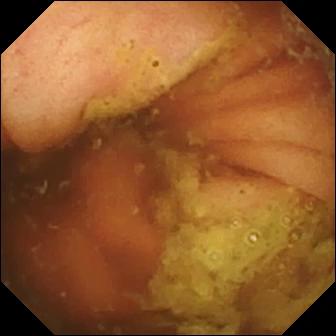WCE. Label: ileo-cecal valve region (where the capsule passes from the small bowel into the large bowel).